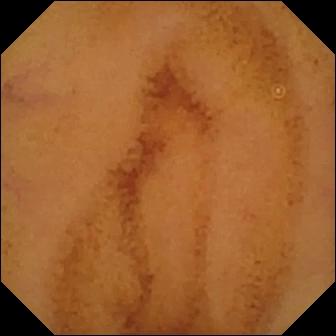PROCEDURE: VCE.
SEGMENT: Small intestine.
FINDINGS: Normal clean mucosa.